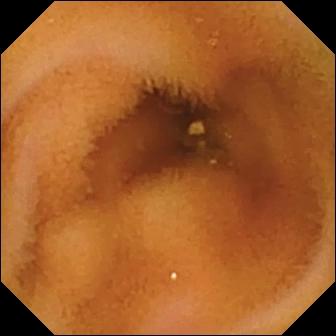This VCE image shows normal clean mucosa.